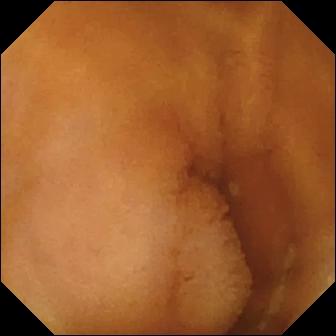Small-bowel capsule endoscopy. Impression: normal clean mucosa.